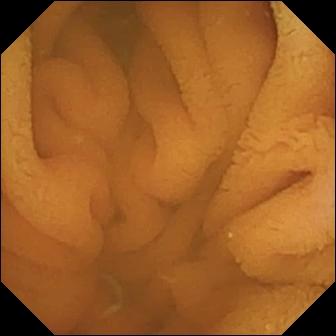Small-bowel capsule endoscopy image showing normal clean mucosa.